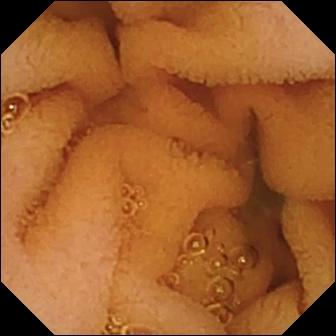modality: small-bowel capsule endoscopy
label: normal clean mucosa